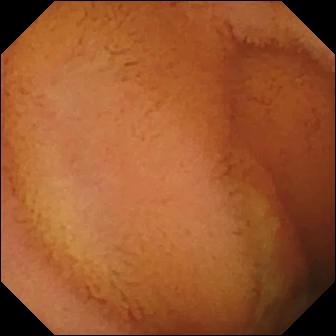Wireless capsule endoscopy view. Normal clean mucosa.